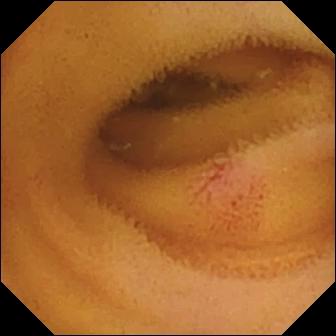PROCEDURE: Capsule endoscopy.
FINDINGS: Angiectasia.